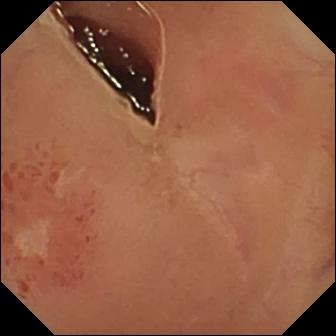WCE — ulcer.